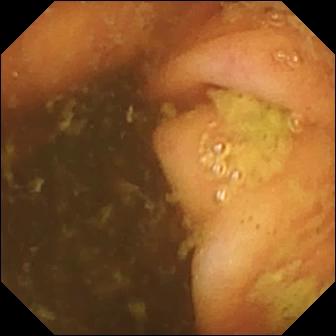{"modality": "small-bowel capsule endoscopy", "video_segment": "ileo-cecal valve region"}